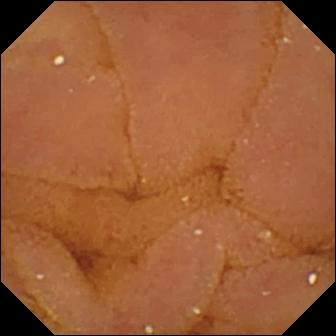- modality: VCE
- segment: small bowel
- impression: normal clean mucosa